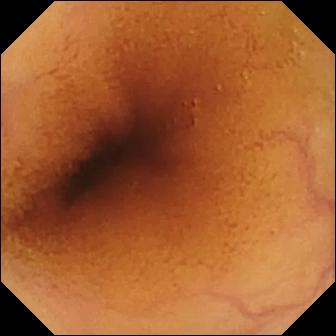modality: small-bowel capsule endoscopy; segment: small intestine; category: luminal finding; observation: normal clean mucosa